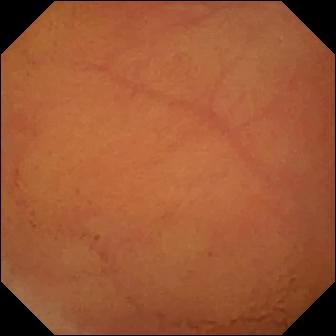WCE view showing normal clean mucosa.